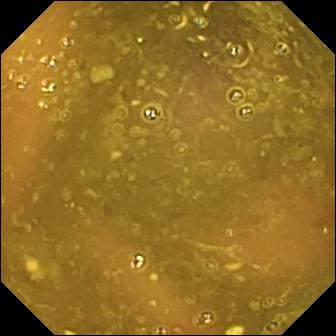- modality: VCE
- segment: small intestine
- observation: reduced mucosal view (content or bubbles obscuring the mucosa)